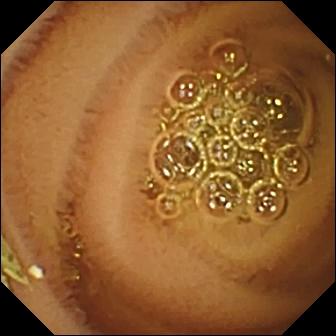Normal clean mucosa — WCE frame.